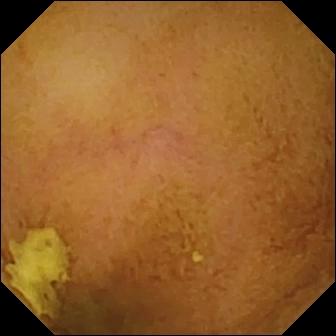WCE — normal clean mucosa.